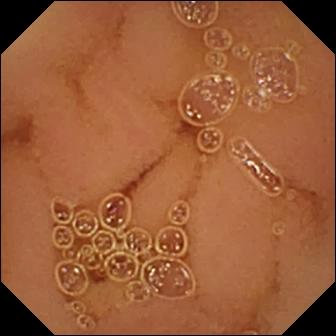Normal clean mucosa (336×336).